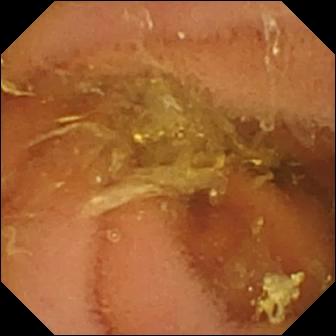Wireless capsule endoscopy — normal clean mucosa.